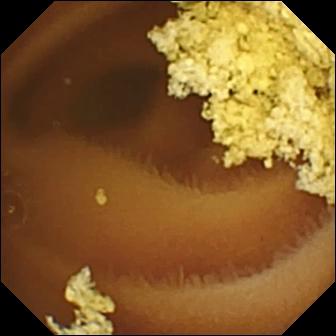Video capsule endoscopy view
Impression: normal clean mucosa